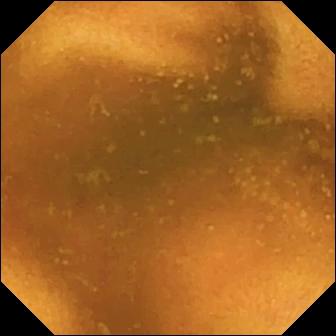Capsule endoscopy. Luminal finding. Impression: normal clean mucosa.